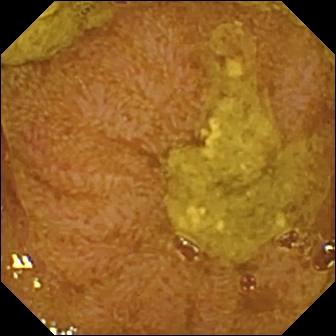- modality: WCE
- label: ileo-cecal valve region (the transition from the small bowel to the large bowel)